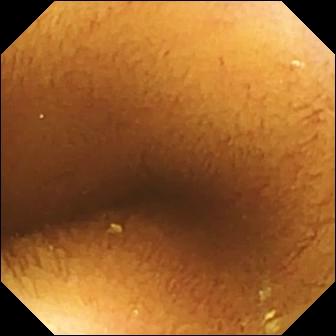Wireless capsule endoscopy snapshot
Label: normal clean mucosa